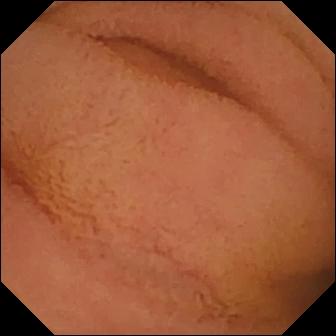This wireless capsule endoscopy snapshot of the small bowel shows normal clean mucosa.